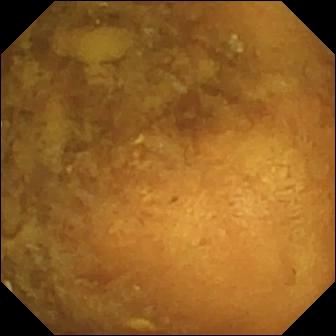modality: video capsule endoscopy
category: luminal finding
impression: reduced mucosal view (content or bubbles obscuring the mucosa)